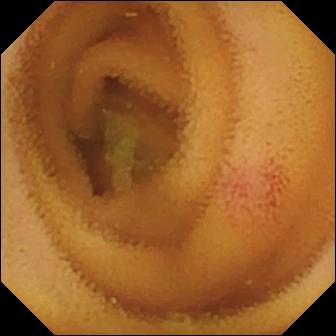Capsule endoscopy — angiectasia.